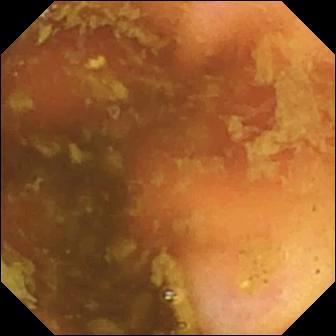Wireless capsule endoscopy frame
Video segment: ileo-cecal valve region (where the capsule passes from the small bowel into the large bowel)